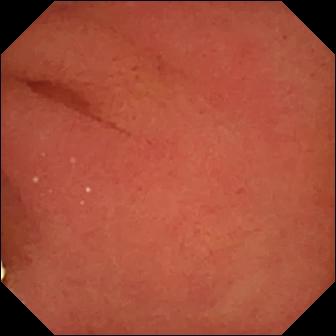VCE still. Taken in the pylorus region (where the capsule passes from the stomach into the small bowel).